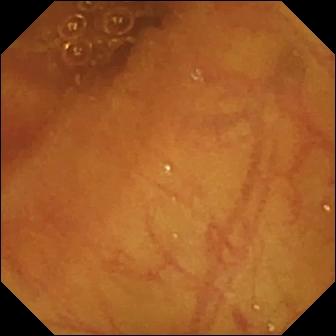Video capsule endoscopy still, 336×336. Taken in the ileo-cecal valve region.